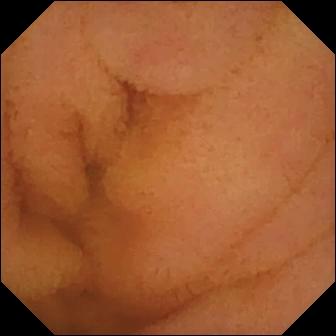PROCEDURE: Video capsule endoscopy.
SEGMENT: Small bowel.
FINDINGS: Normal clean mucosa.